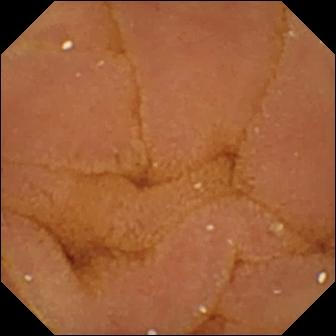PROCEDURE: Video capsule endoscopy.
SEGMENT: Small bowel.
FINDINGS: Normal clean mucosa.